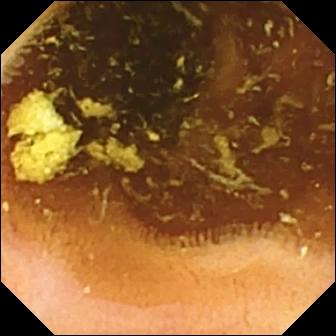Normal clean mucosa.